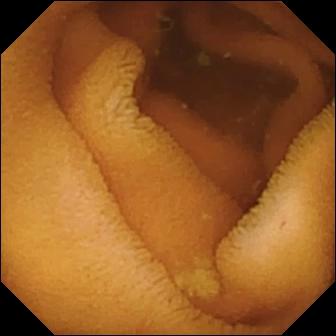Normal clean mucosa.